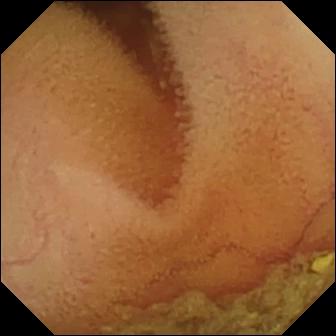{"modality": "WCE", "category": "luminal finding", "finding": "normal clean mucosa"}